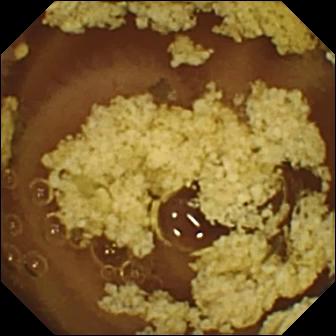Small-bowel capsule endoscopy snapshot
Observation: normal clean mucosa